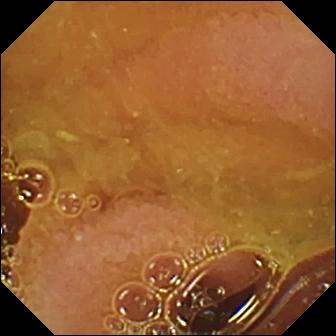- modality: capsule endoscopy
- finding: normal clean mucosa